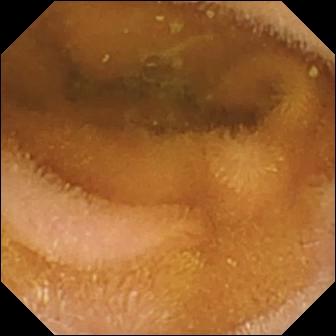modality: small-bowel capsule endoscopy; finding: normal clean mucosa